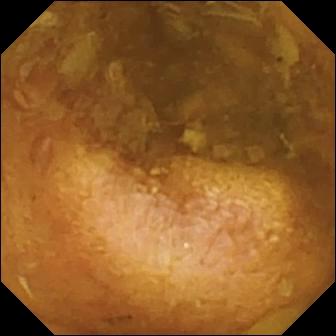modality: video capsule endoscopy; segment: small bowel; label: reduced mucosal view (content or bubbles obscuring the mucosa)